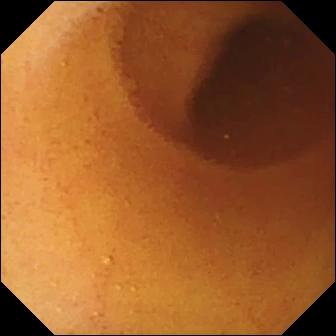PROCEDURE: Wireless capsule endoscopy.
SEGMENT: Small intestine.
FINDINGS: Normal clean mucosa.